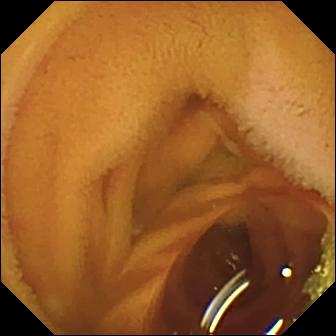Wireless capsule endoscopy image showing normal clean mucosa.